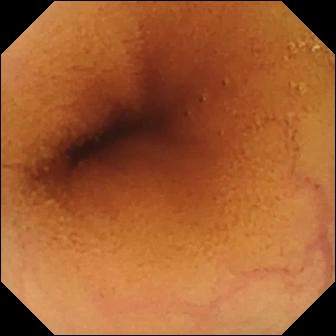Capsule endoscopy. Small intestine. Luminal finding. Observation: normal clean mucosa.